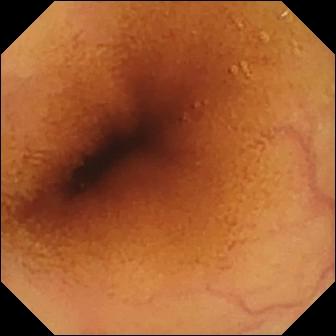VCE snapshot (small intestine). Normal clean mucosa.